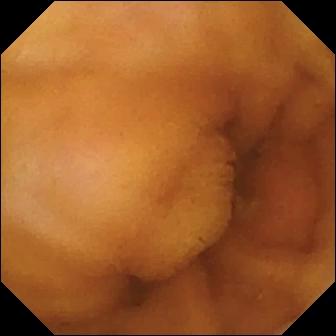Normal clean mucosa (336×336).